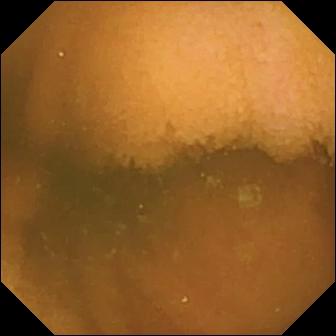Normal clean mucosa (336×336).